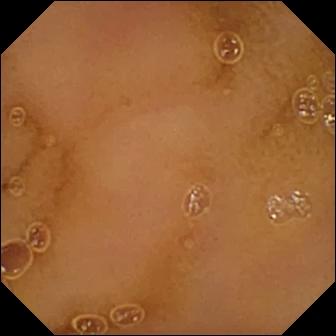Normal clean mucosa — wireless capsule endoscopy image of the small intestine.